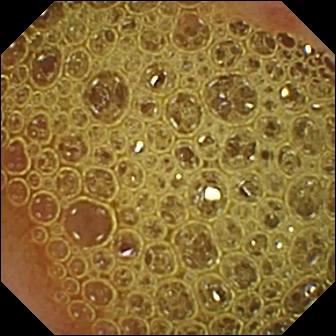This WCE frame shows erosion.